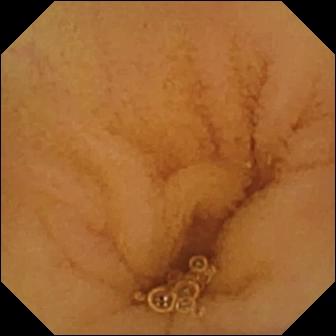{"modality": "capsule endoscopy", "segment": "small bowel", "finding": "normal clean mucosa"}